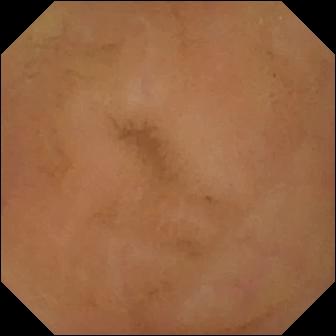Normal clean mucosa.